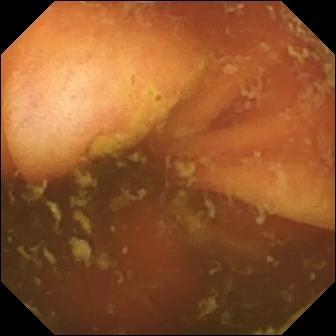VCE frame taken in the ileo-cecal valve region (where the capsule passes from the small bowel into the large bowel).